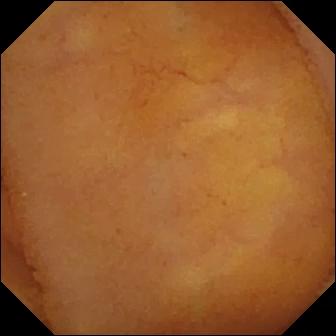PROCEDURE: Small-bowel capsule endoscopy.
FINDINGS: Normal clean mucosa.